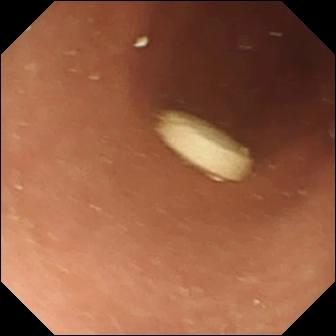Wireless capsule endoscopy frame. Foreign body (e.g. retained capsule, tablet residue).